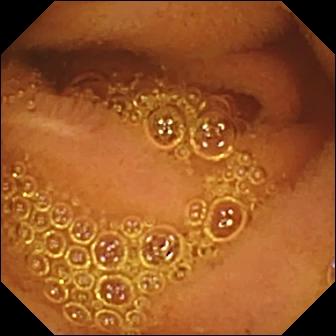Normal clean mucosa.